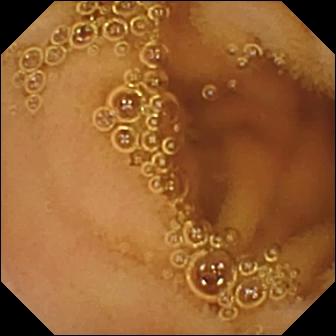WCE — normal clean mucosa.